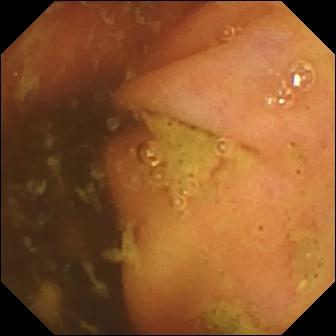Capsule endoscopy still
Position: ileo-cecal valve region (where the capsule passes from the small bowel into the large bowel)